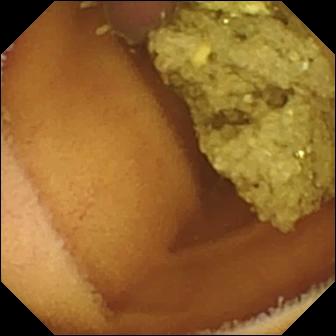WCE frame. Normal clean mucosa.